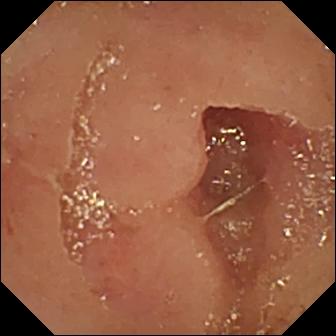PROCEDURE: Small-bowel capsule endoscopy.
FINDINGS: Erosion.